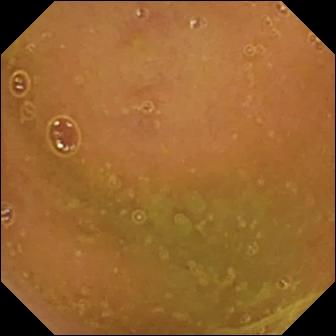{"modality": "video capsule endoscopy", "finding": "normal clean mucosa"}